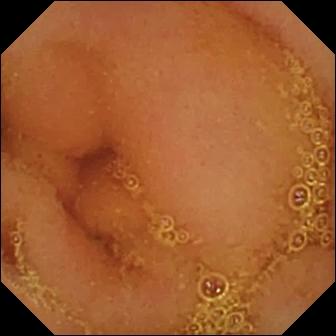- modality: VCE
- segment: small bowel
- finding: normal clean mucosa